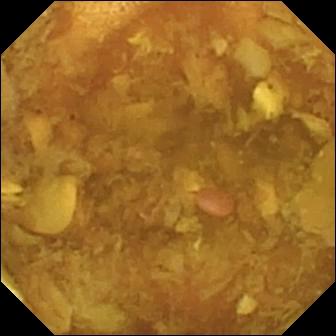VCE image showing reduced mucosal view (content or bubbles obscuring the mucosa).